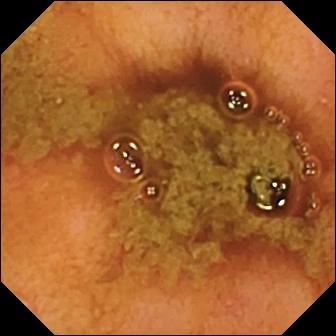Q: Where in the digestive tract was this wireless capsule endoscopy view taken?
A: Ileo-cecal valve region (the transition from the small bowel to the large bowel).